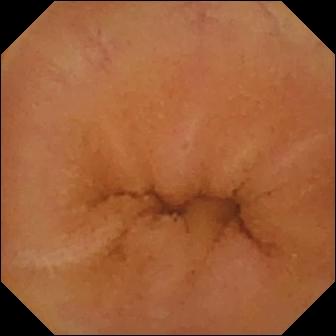Small-bowel capsule endoscopy still (small bowel). Normal clean mucosa.